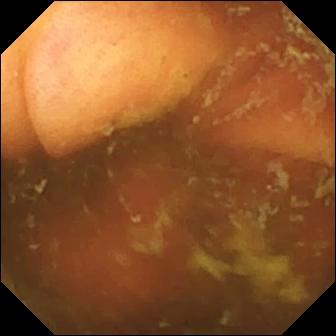Video capsule endoscopy view
Label: ileo-cecal valve region (where the capsule passes from the small bowel into the large bowel)